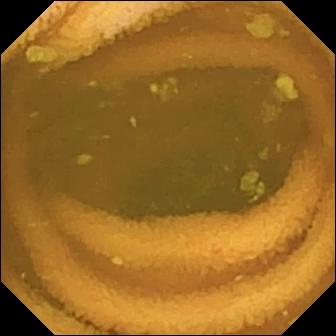Q: What does this WCE snapshot show?
A: Normal clean mucosa.